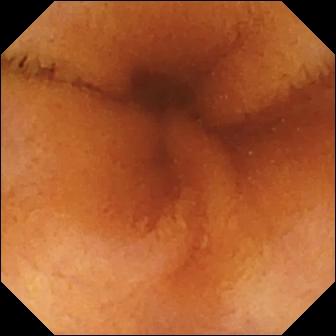modality: video capsule endoscopy
category: luminal finding
label: normal clean mucosa